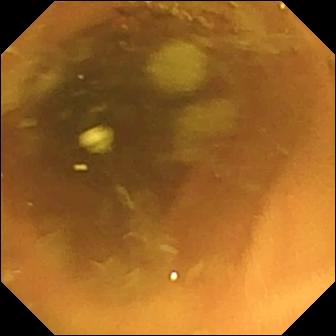- modality: capsule endoscopy
- label: normal clean mucosa